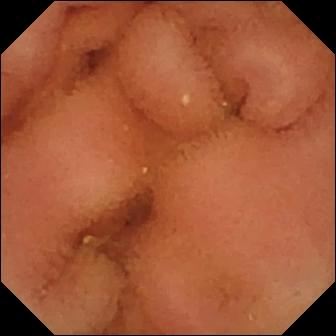VCE frame, small intestine
Label: normal clean mucosa